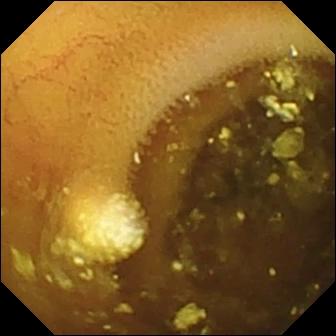This VCE frame shows lymphangiectasia.